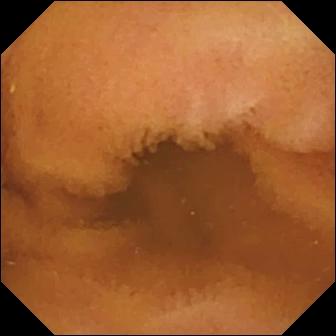modality: video capsule endoscopy | label: normal clean mucosa